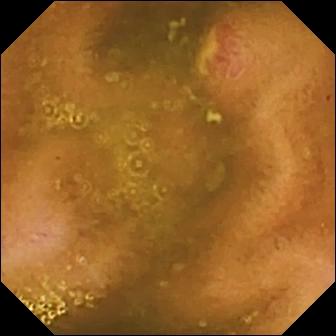- modality: WCE
- finding: ulcer